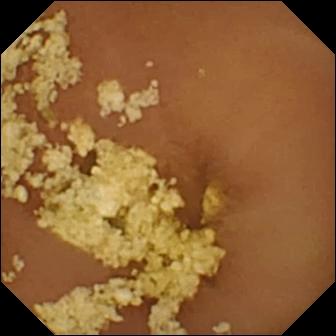Wireless capsule endoscopy. Impression: normal clean mucosa.